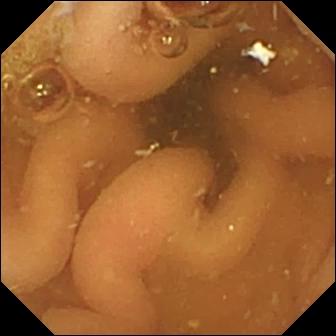Wireless capsule endoscopy view
Label: pylorus region